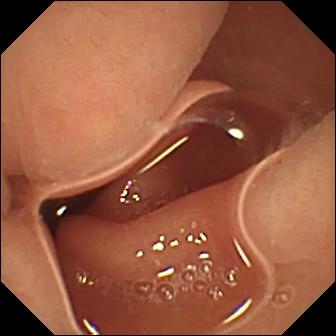Capsule endoscopy view showing normal clean mucosa.